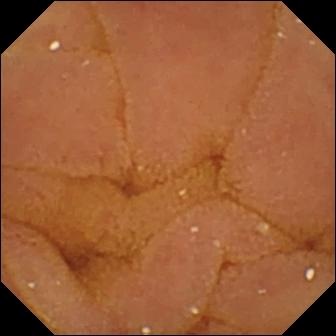VCE. Luminal finding. Label: normal clean mucosa.